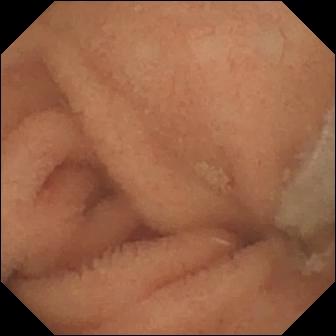Normal clean mucosa — VCE snapshot.